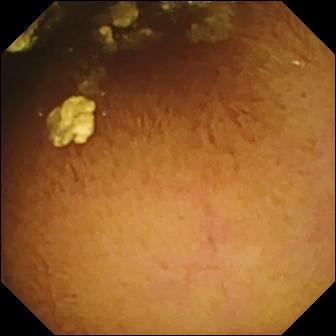Capsule endoscopy. Small bowel. Luminal finding. Finding: normal clean mucosa.